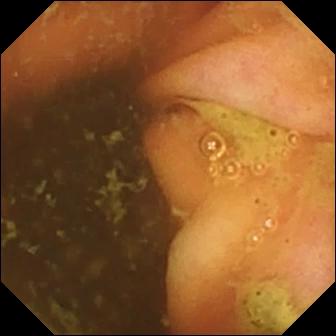PROCEDURE: Wireless capsule endoscopy.
POSITION: Ileo-cecal valve region.